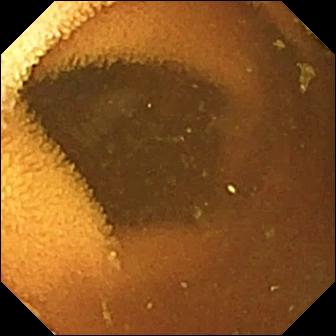modality: video capsule endoscopy | category: luminal finding | label: normal clean mucosa